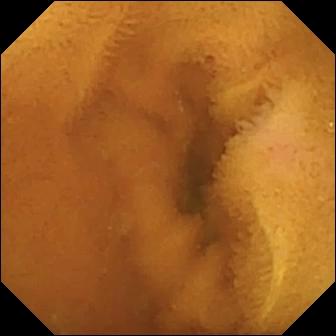Capsule endoscopy image. Normal clean mucosa.